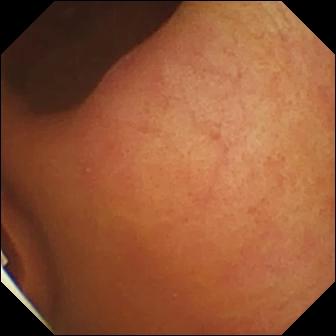PROCEDURE: Small-bowel capsule endoscopy.
FINDINGS: Foreign body (e.g. retained capsule, tablet residue).